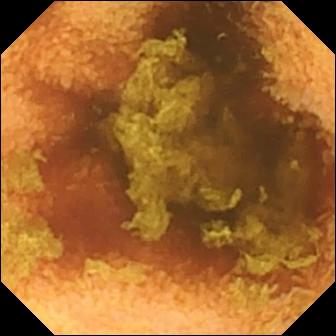Video capsule endoscopy — normal clean mucosa.